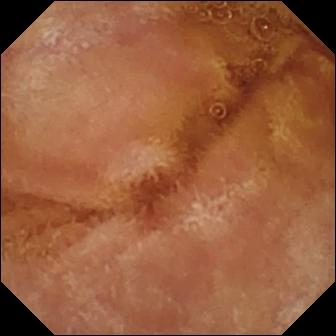Video capsule endoscopy — normal clean mucosa.